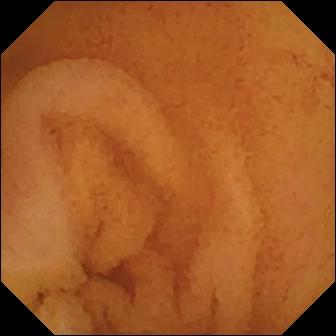Normal clean mucosa — wireless capsule endoscopy view of the small intestine.